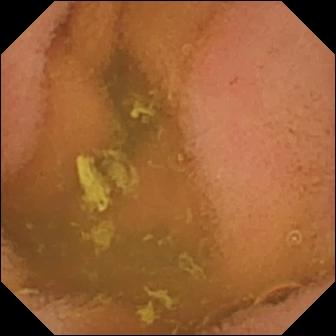WCE. Finding: normal clean mucosa.